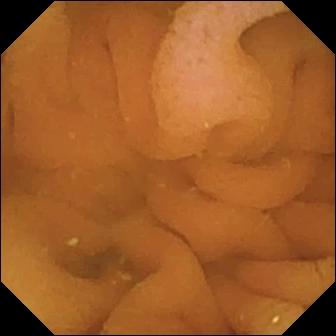Small-bowel capsule endoscopy frame showing normal clean mucosa.